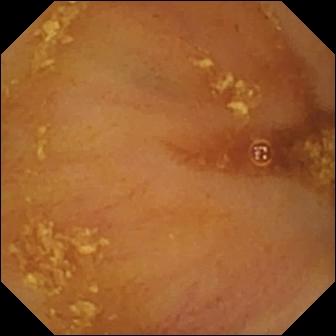This wireless capsule endoscopy image was taken in the ileo-cecal valve region.